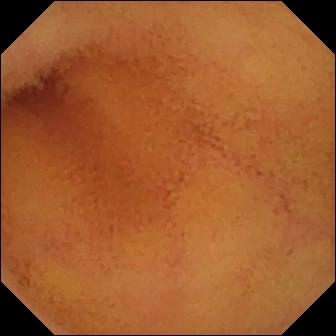Normal clean mucosa — capsule endoscopy view.